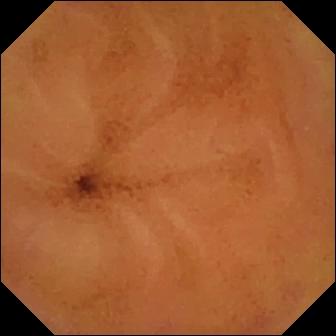Normal clean mucosa.